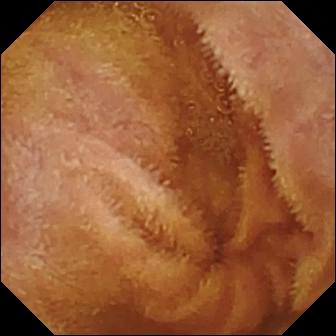This small-bowel capsule endoscopy still of the small bowel shows normal clean mucosa.